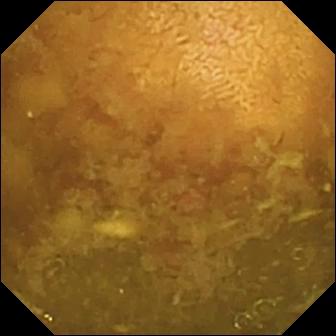PROCEDURE: Wireless capsule endoscopy.
SEGMENT: Small intestine.
FINDINGS: Reduced mucosal view (content or bubbles obscuring the mucosa).